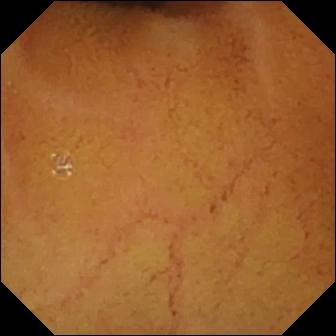PROCEDURE: Wireless capsule endoscopy.
FINDINGS: Normal clean mucosa.